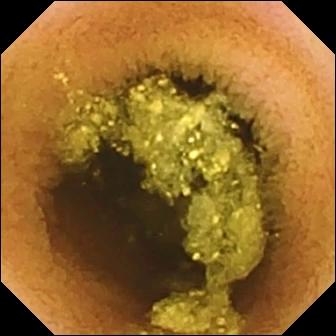VCE — normal clean mucosa.